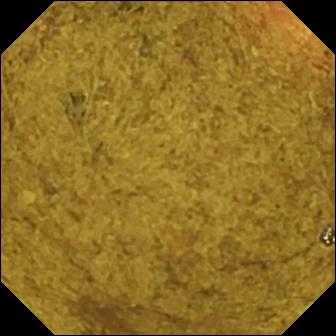WCE image
Video segment: ileo-cecal valve region